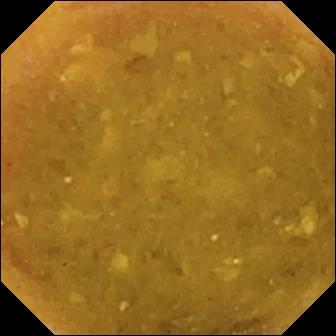modality: wireless capsule endoscopy | segment: small bowel | category: luminal finding | finding: reduced mucosal view (content or bubbles obscuring the mucosa)